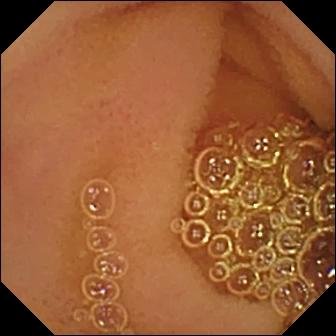Normal clean mucosa — capsule endoscopy frame of the small bowel.